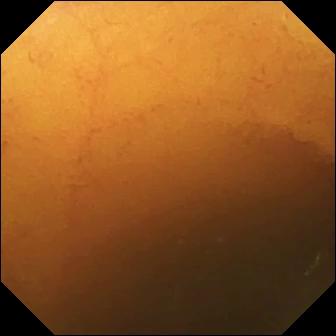WCE. Small bowel. Finding: normal clean mucosa.